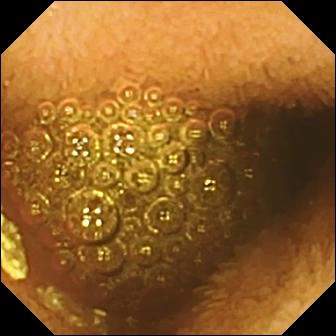Q: What does this video capsule endoscopy still of the small bowel show?
A: Reduced mucosal view (content or bubbles obscuring the mucosa).